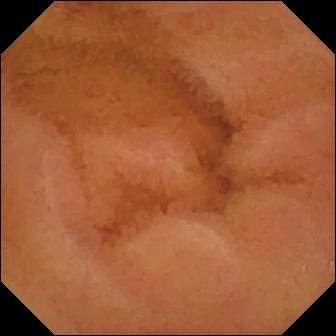- modality: WCE
- observation: normal clean mucosa